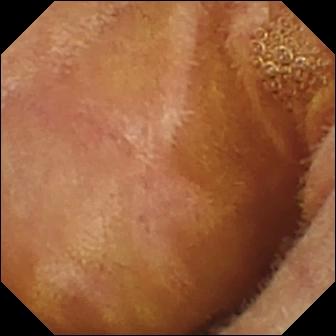Normal clean mucosa — video capsule endoscopy still of the small bowel.